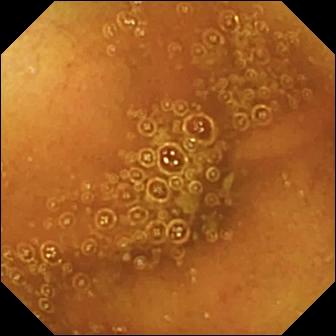Small-bowel capsule endoscopy still
Observation: normal clean mucosa